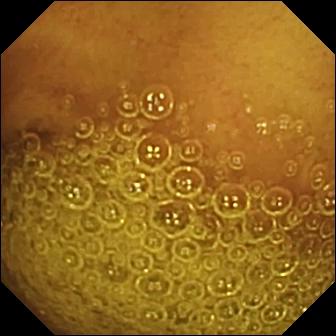VCE frame (small bowel), 336×336. Normal clean mucosa.